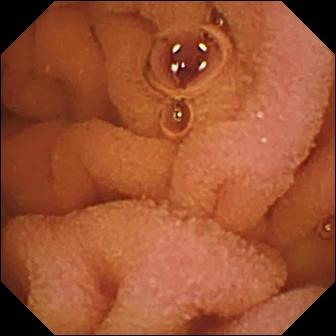Capsule endoscopy image (small bowel). Normal clean mucosa.